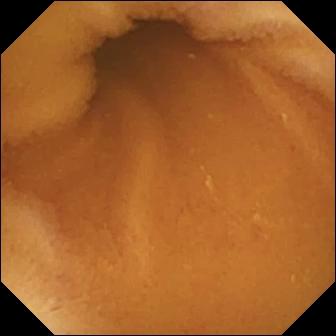VCE — normal clean mucosa.